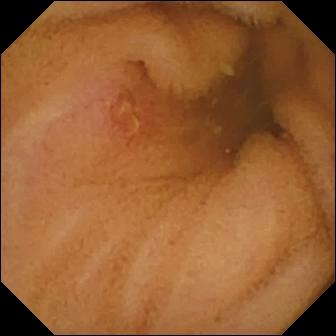Video capsule endoscopy. Impression: ulcer.